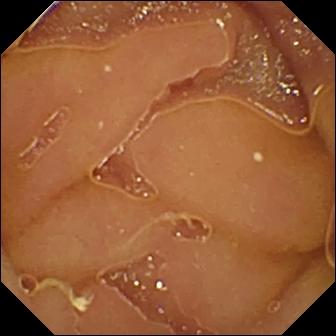PROCEDURE: WCE.
FINDINGS: Normal clean mucosa.